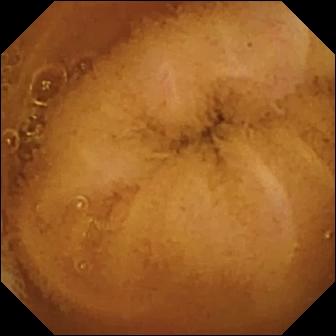This WCE image shows normal clean mucosa.